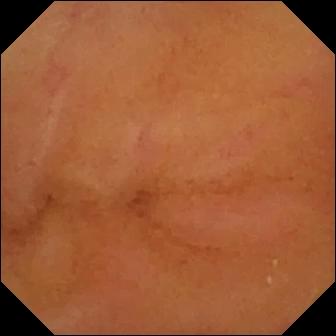WCE view (small intestine). Normal clean mucosa.